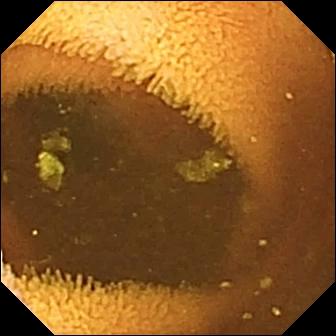modality: wireless capsule endoscopy; finding: normal clean mucosa